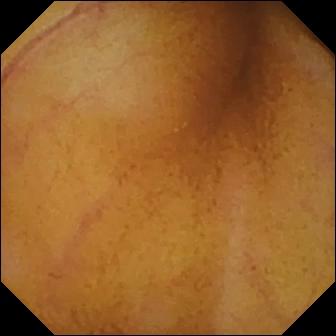- modality: video capsule endoscopy
- segment: small intestine
- observation: normal clean mucosa